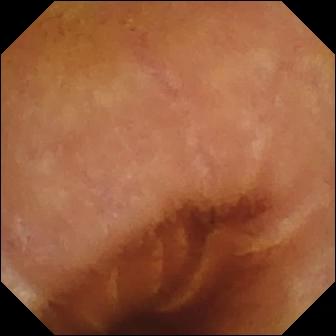Normal clean mucosa — small-bowel capsule endoscopy frame of the small intestine.